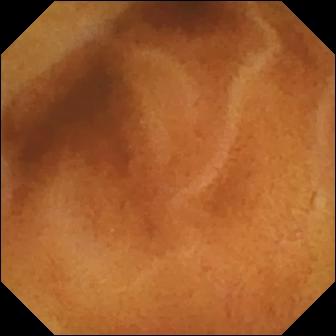Normal clean mucosa.